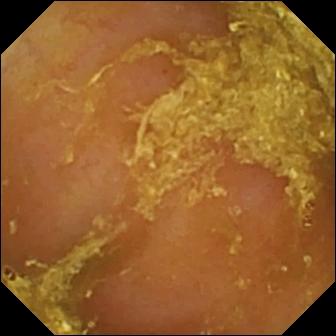This capsule endoscopy still shows reduced mucosal view (content or bubbles obscuring the mucosa).